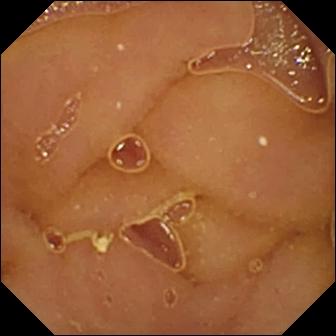Q: What does this wireless capsule endoscopy frame show?
A: Normal clean mucosa.